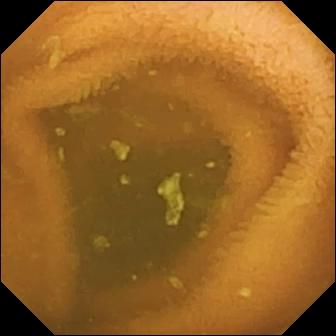Q: What does this video capsule endoscopy image show?
A: Normal clean mucosa.